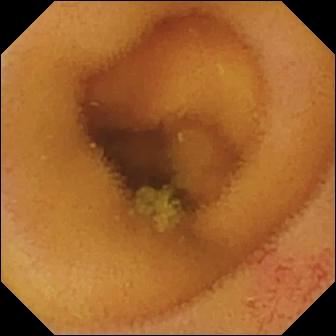{"modality": "WCE", "finding": "angiectasia"}